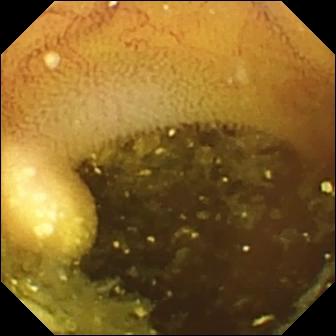Lymphangiectasia — WCE view.